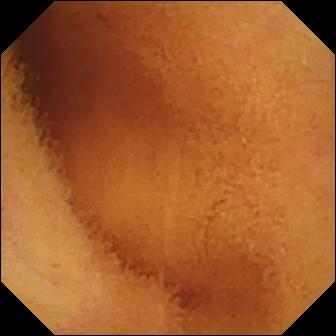Normal clean mucosa — capsule endoscopy still.